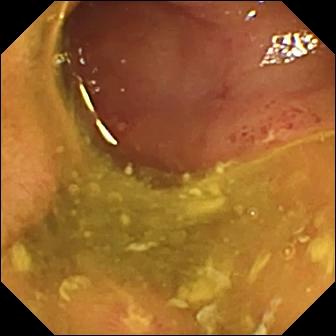- modality: video capsule endoscopy
- impression: ulcer